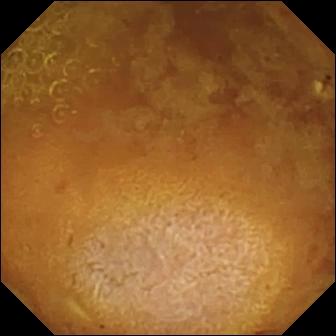VCE. Small bowel. Finding: reduced mucosal view (content or bubbles obscuring the mucosa).